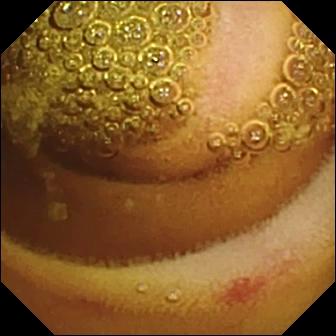Erosion.